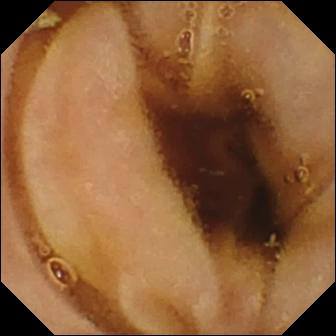PROCEDURE: Wireless capsule endoscopy.
SEGMENT: Small intestine.
FINDINGS: Normal clean mucosa.